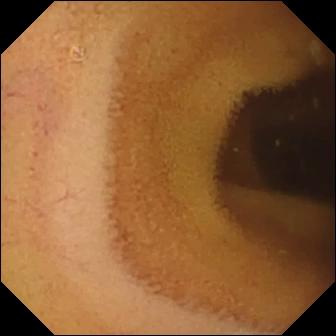Normal clean mucosa — wireless capsule endoscopy view of the small intestine.